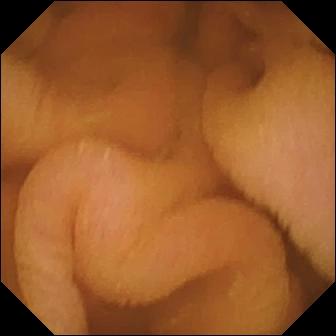- modality: wireless capsule endoscopy
- segment: small intestine
- observation: normal clean mucosa